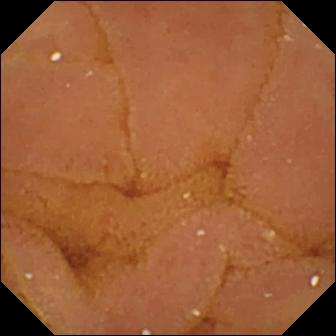Video capsule endoscopy image, 336×336. Normal clean mucosa.